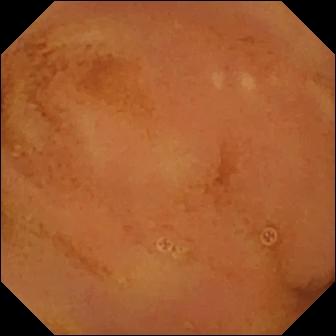Wireless capsule endoscopy view, small intestine
Observation: normal clean mucosa